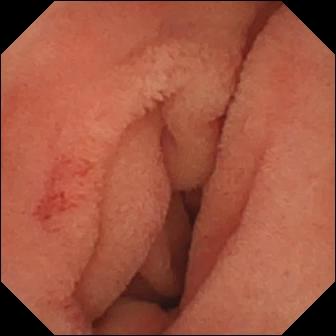Capsule endoscopy view showing angiectasia.